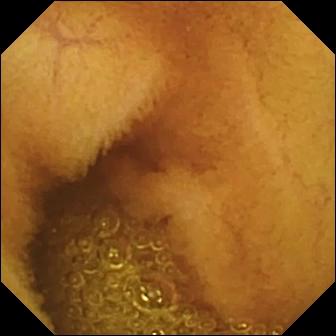VCE — normal clean mucosa.